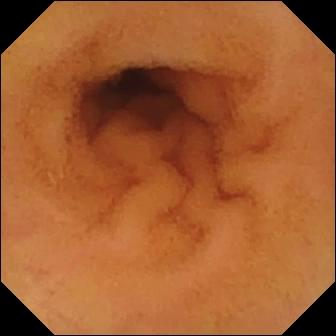{"modality": "capsule endoscopy", "segment": "small bowel", "finding": "normal clean mucosa"}